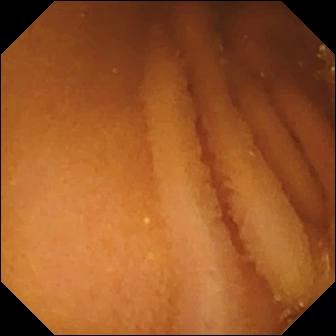VCE image, small bowel
Observation: normal clean mucosa